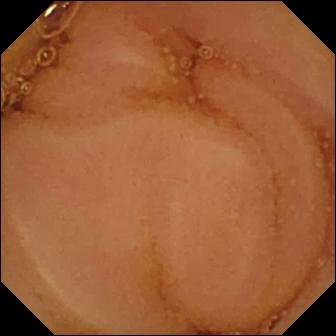Q: What does this WCE image of the small intestine show?
A: Normal clean mucosa.